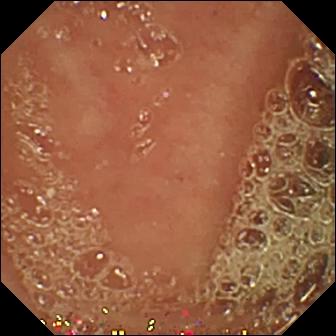PROCEDURE: Small-bowel capsule endoscopy.
LOCATION: Pylorus region.